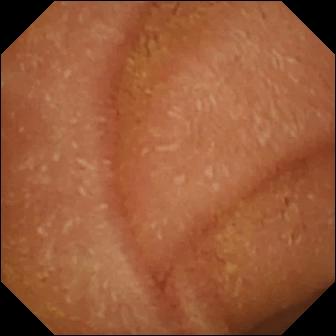Q: What does this wireless capsule endoscopy image of the small intestine show?
A: Normal clean mucosa.